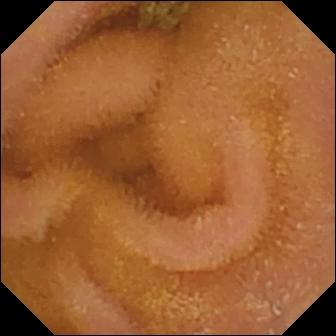Wireless capsule endoscopy snapshot (small intestine). Normal clean mucosa.